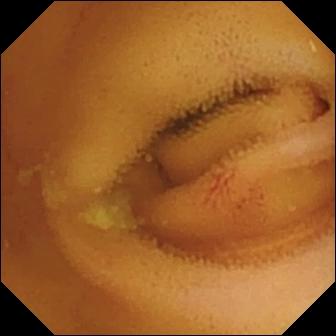Video capsule endoscopy — angiectasia.